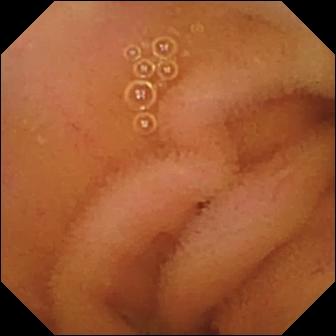- modality: WCE
- category: luminal finding
- impression: normal clean mucosa